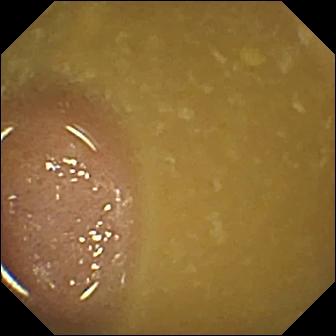Small-bowel capsule endoscopy snapshot
Label: ileo-cecal valve region